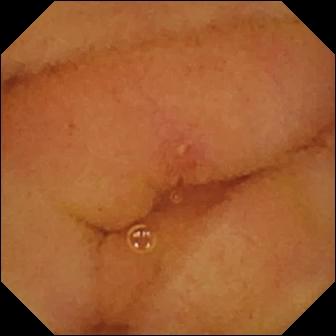Q: What does this small-bowel capsule endoscopy still show?
A: Erosion.